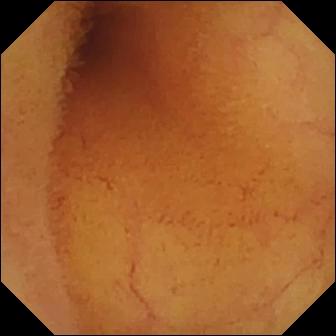Q: What does this WCE image of the small intestine show?
A: Normal clean mucosa.